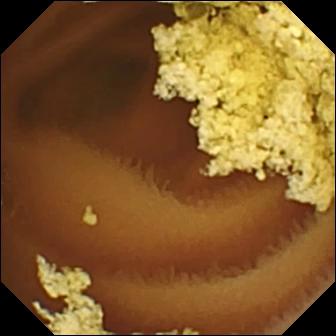Capsule endoscopy snapshot (small bowel). Normal clean mucosa.